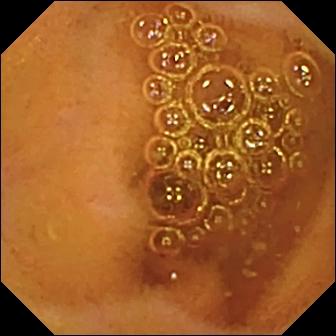- modality: wireless capsule endoscopy
- segment: small intestine
- category: luminal finding
- label: normal clean mucosa